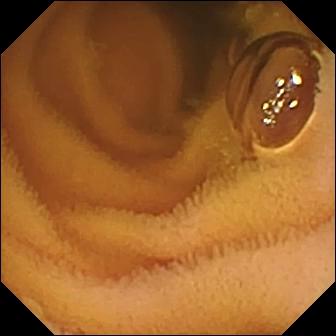Small-bowel capsule endoscopy. Observation: normal clean mucosa.